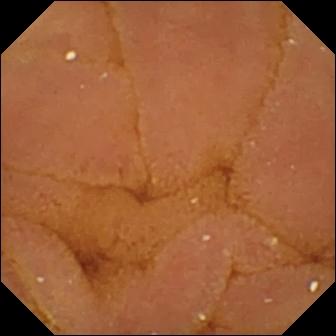PROCEDURE: Small-bowel capsule endoscopy.
SEGMENT: Small intestine.
FINDINGS: Normal clean mucosa.